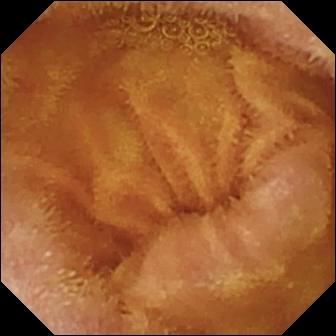Normal clean mucosa (336×336).